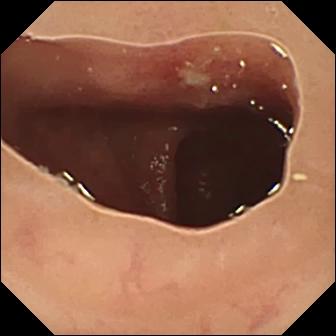Ulcer.